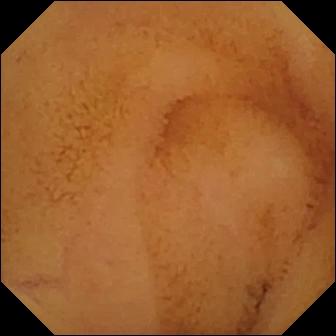Wireless capsule endoscopy frame, small bowel
Finding: normal clean mucosa